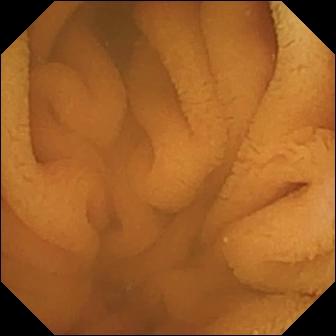Wireless capsule endoscopy — normal clean mucosa.